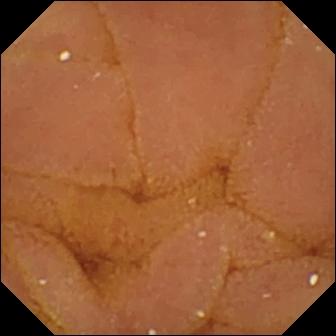This video capsule endoscopy view shows normal clean mucosa.